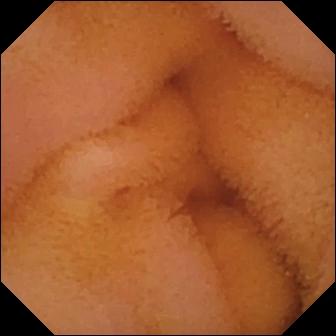Capsule endoscopy view
Observation: normal clean mucosa